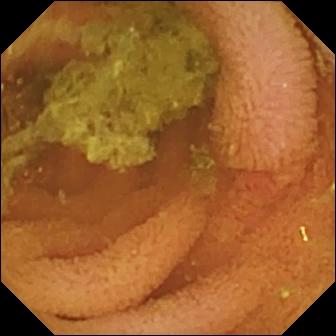Normal clean mucosa — video capsule endoscopy still of the small bowel.